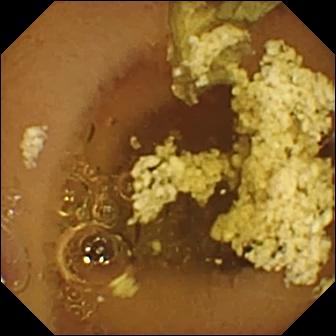Wireless capsule endoscopy. Luminal finding. Impression: normal clean mucosa.